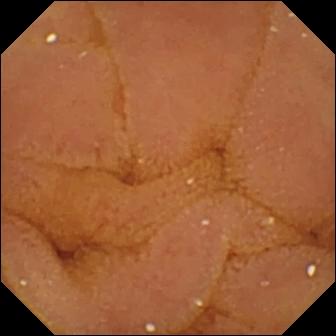Video capsule endoscopy frame
Label: normal clean mucosa